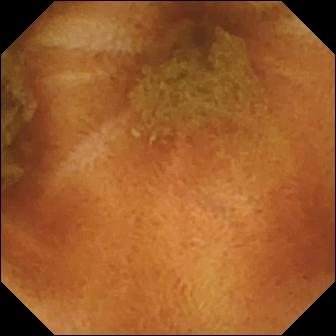This small-bowel capsule endoscopy still of the small intestine shows normal clean mucosa.